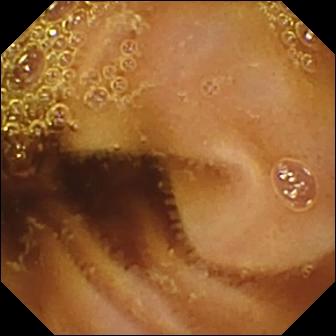Normal clean mucosa.